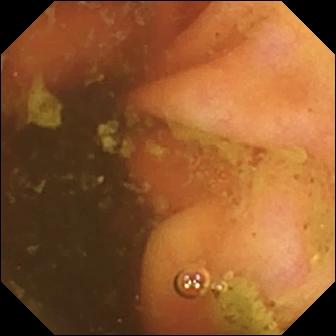Q: Where in the digestive tract was this small-bowel capsule endoscopy image taken?
A: Ileo-cecal valve region.